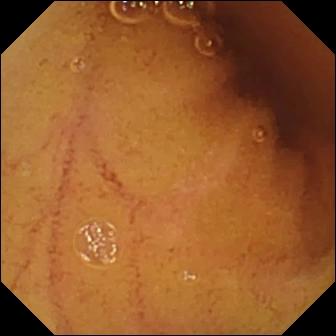Normal clean mucosa — capsule endoscopy image.